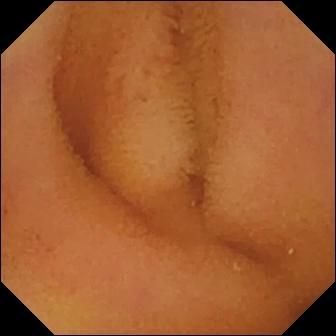modality: small-bowel capsule endoscopy; segment: small intestine; category: luminal finding; label: normal clean mucosa